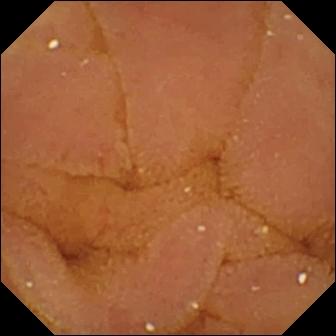WCE frame, small bowel
Label: normal clean mucosa